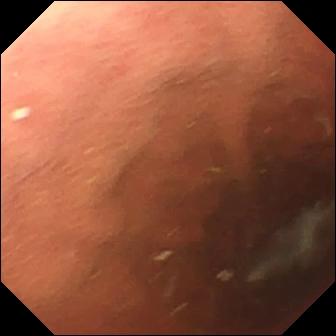Capsule endoscopy — pylorus region (the junction between the stomach and the small bowel).